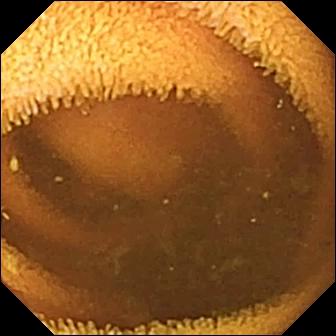{"modality": "capsule endoscopy", "segment": "small intestine", "finding": "normal clean mucosa"}